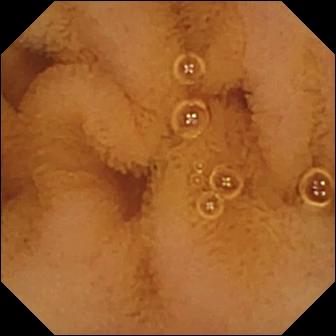PROCEDURE: Wireless capsule endoscopy.
FINDINGS: Normal clean mucosa.